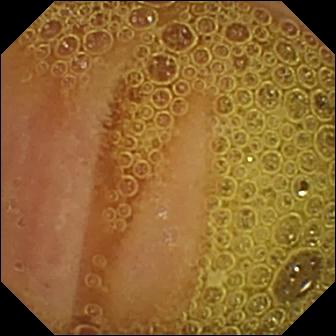This capsule endoscopy snapshot of the small intestine shows normal clean mucosa.